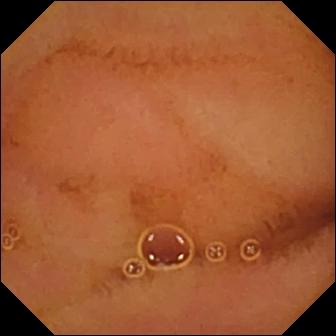Q: What does this VCE image show?
A: Normal clean mucosa.